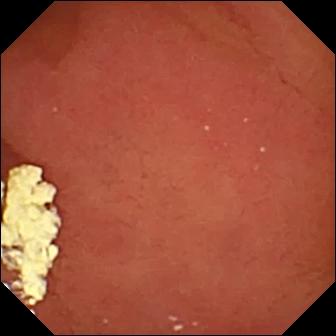Capsule endoscopy view taken in the pylorus region (where the capsule passes from the stomach into the small bowel).